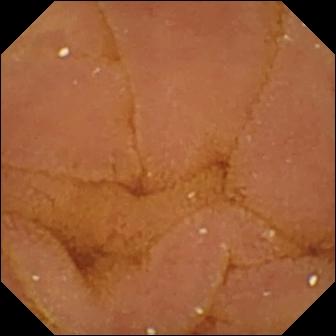Capsule endoscopy image. Normal clean mucosa.